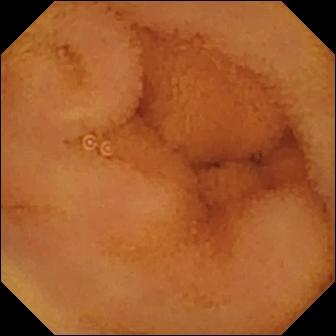{"modality": "WCE", "finding": "normal clean mucosa"}